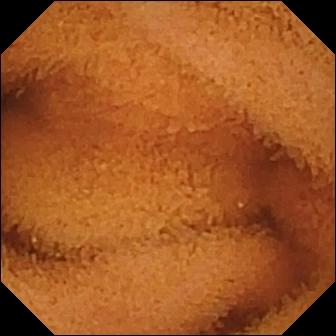Normal clean mucosa — video capsule endoscopy still of the small intestine.